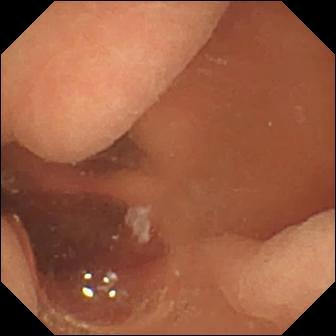Q: What does this wireless capsule endoscopy snapshot show?
A: Normal clean mucosa.